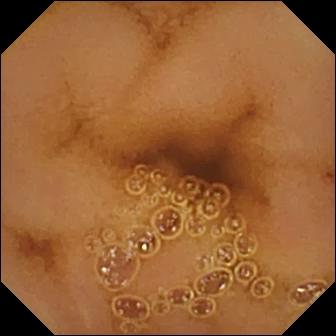VCE — normal clean mucosa.